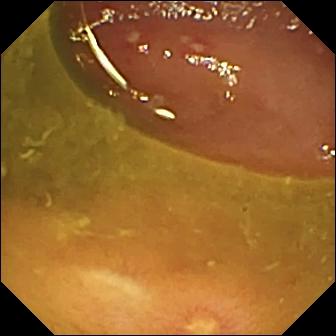{"modality": "VCE", "finding": "ulcer"}